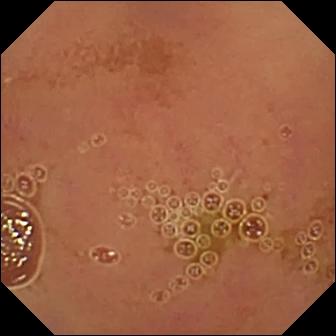Q: What does this wireless capsule endoscopy image of the small intestine show?
A: Normal clean mucosa.